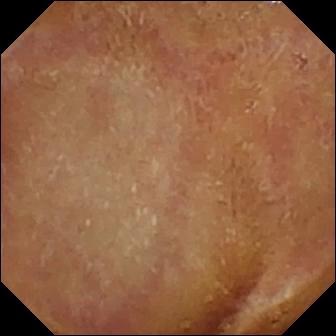PROCEDURE: WCE.
SEGMENT: Small intestine.
FINDINGS: Normal clean mucosa.